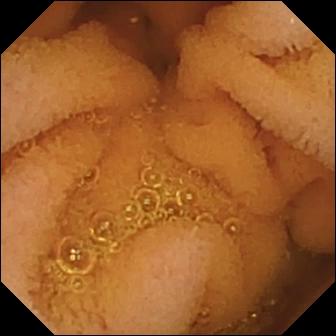PROCEDURE: Wireless capsule endoscopy.
SEGMENT: Small bowel.
FINDINGS: Normal clean mucosa.